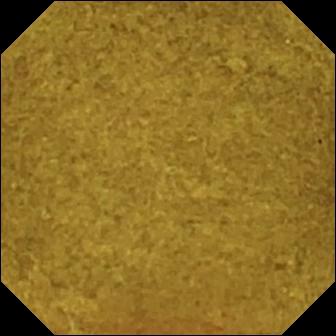{"modality": "VCE", "label": "ileo-cecal valve region"}